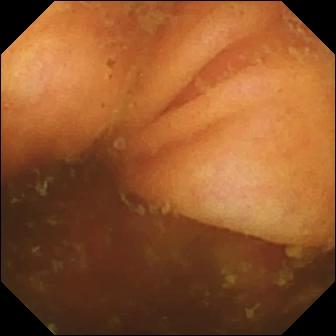VCE snapshot
Label: ileo-cecal valve region (where the capsule passes from the small bowel into the large bowel)